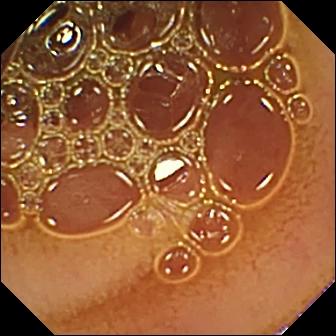Small-bowel capsule endoscopy frame
Finding: normal clean mucosa